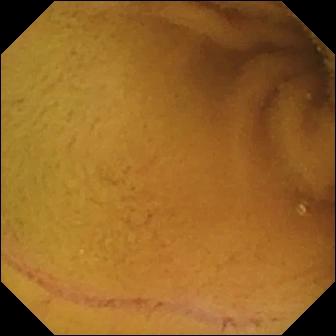{"modality": "VCE", "segment": "small bowel", "category": "luminal finding", "finding": "normal clean mucosa"}